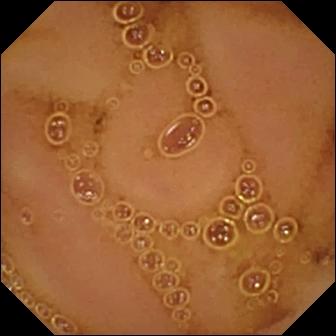Wireless capsule endoscopy image (small intestine). Normal clean mucosa.